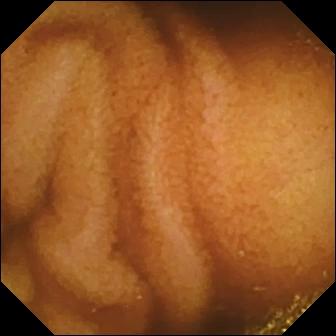Q: What does this wireless capsule endoscopy still of the small intestine show?
A: Normal clean mucosa.